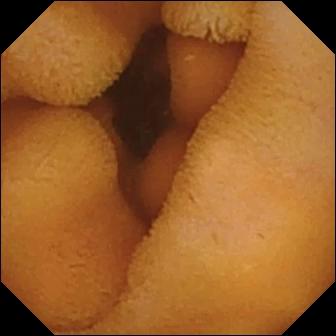Normal clean mucosa — WCE image of the small intestine.